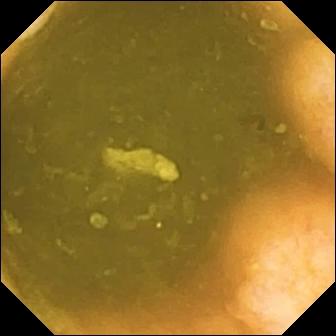Ileo-cecal valve region (where the capsule passes from the small bowel into the large bowel).